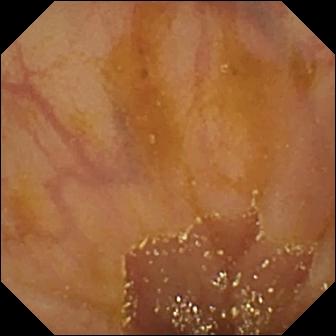Wireless capsule endoscopy snapshot taken in the ileo-cecal valve region (the transition from the small bowel to the large bowel).